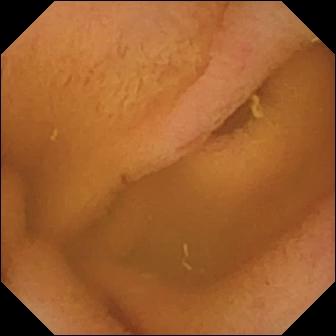Video capsule endoscopy frame showing normal clean mucosa.